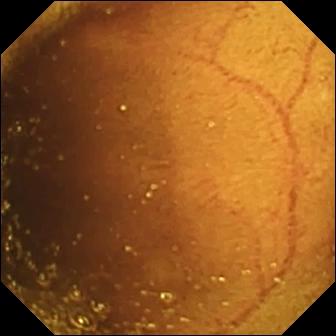Q: Where in the digestive tract was this wireless capsule endoscopy view taken?
A: Ileo-cecal valve region (where the capsule passes from the small bowel into the large bowel).